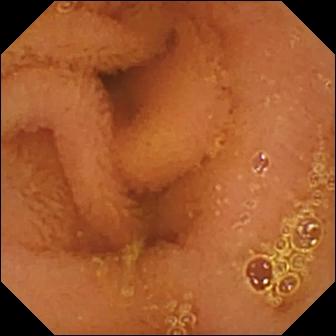Normal clean mucosa (336×336).